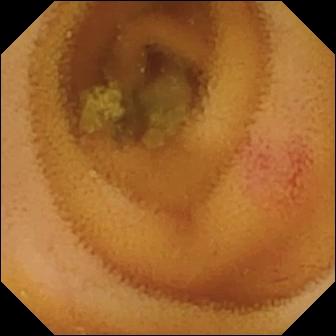Capsule endoscopy view showing angiectasia.